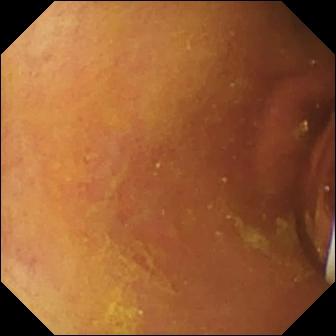Q: What does this wireless capsule endoscopy image show?
A: Foreign body (e.g. retained capsule, tablet residue).